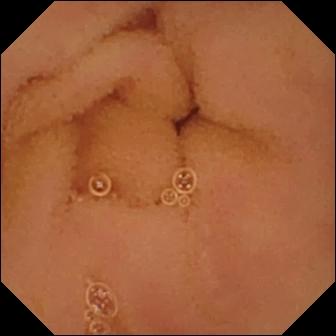modality: wireless capsule endoscopy
category: luminal finding
finding: normal clean mucosa